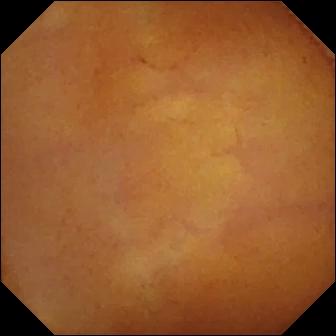Small-bowel capsule endoscopy image
Label: normal clean mucosa